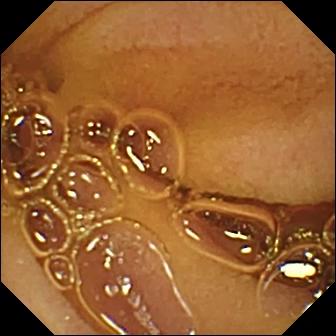Video capsule endoscopy. Small intestine. Impression: normal clean mucosa.